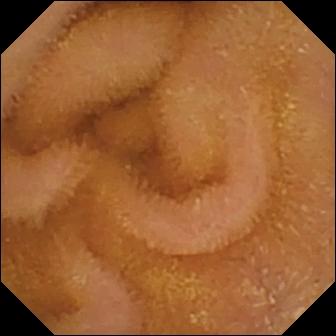This video capsule endoscopy frame of the small intestine shows normal clean mucosa.